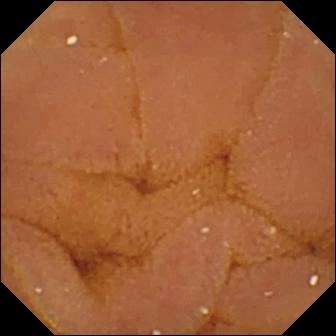Normal clean mucosa — small-bowel capsule endoscopy frame of the small bowel.